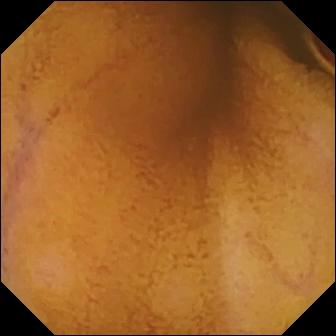Video capsule endoscopy still. Normal clean mucosa.